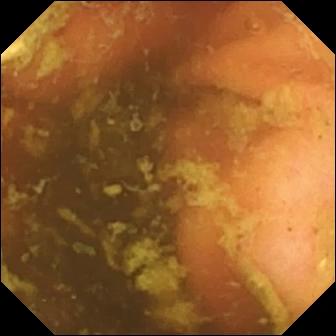Capsule endoscopy snapshot
Location: ileo-cecal valve region